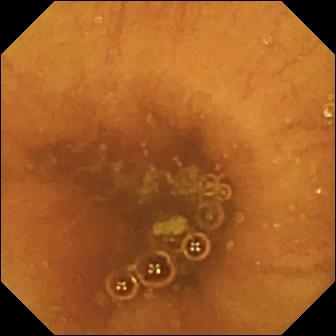This capsule endoscopy still was taken in the ileo-cecal valve region (where the capsule passes from the small bowel into the large bowel).